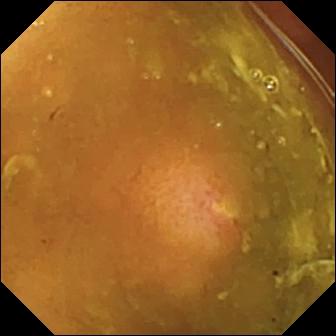Video capsule endoscopy snapshot. Ulcer.